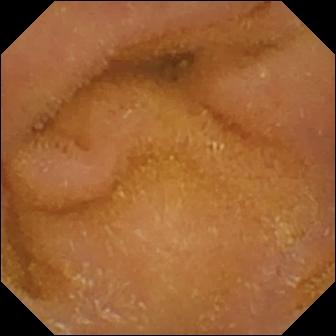Small-bowel capsule endoscopy. Finding: normal clean mucosa.